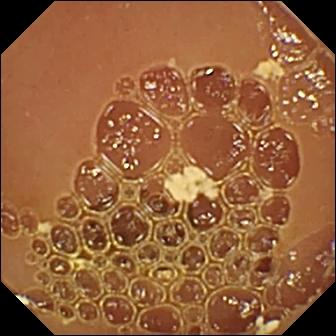PROCEDURE: VCE.
FINDINGS: Normal clean mucosa.